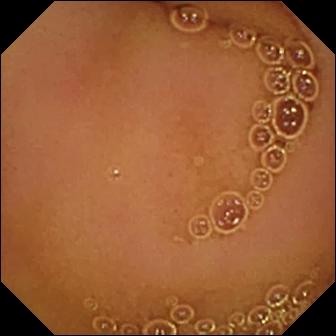VCE frame showing normal clean mucosa.